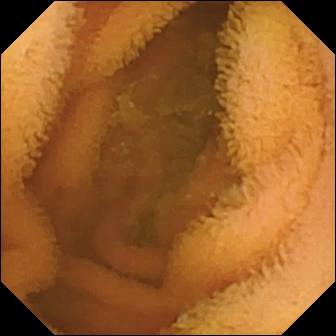Normal clean mucosa — small-bowel capsule endoscopy snapshot of the small bowel.